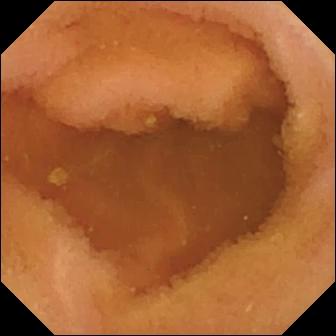Small-bowel capsule endoscopy view
Finding: normal clean mucosa